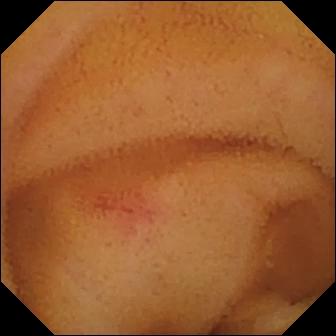This capsule endoscopy view shows angiectasia.